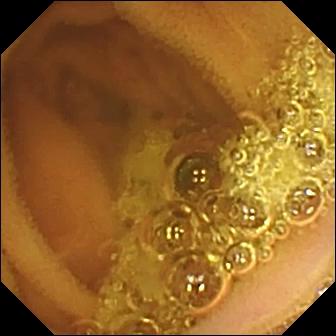WCE still
Impression: normal clean mucosa